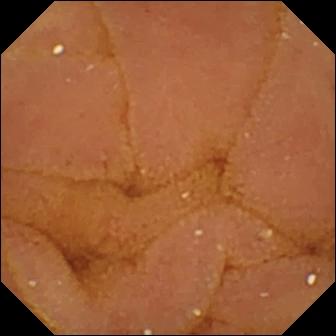VCE view showing normal clean mucosa.